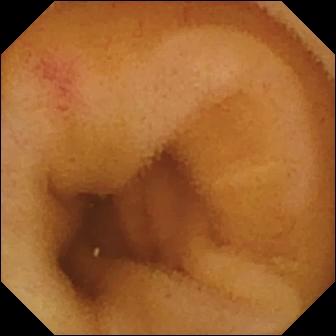Angiectasia — small-bowel capsule endoscopy frame.